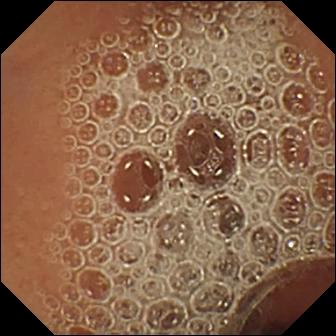Q: What does this small-bowel capsule endoscopy still show?
A: Normal clean mucosa.